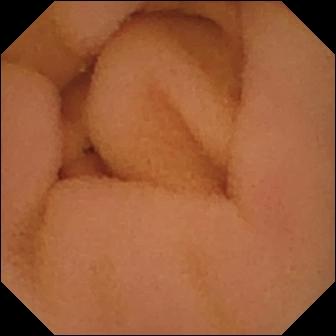This small-bowel capsule endoscopy still shows normal clean mucosa.